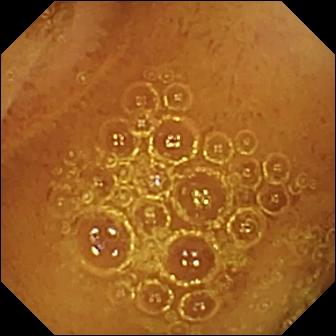Normal clean mucosa — capsule endoscopy view.